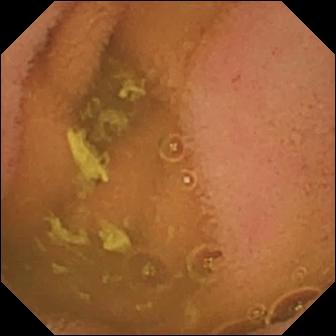Normal clean mucosa — small-bowel capsule endoscopy frame.